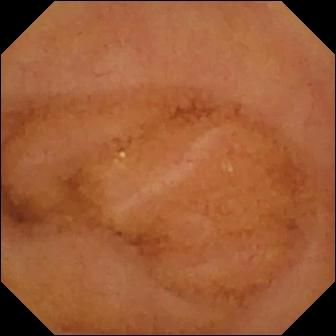Normal clean mucosa — wireless capsule endoscopy view.